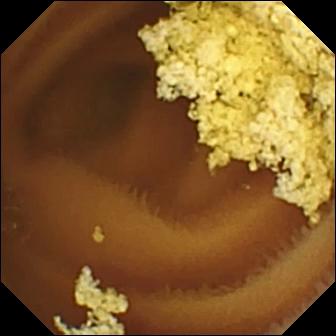This capsule endoscopy view shows normal clean mucosa.